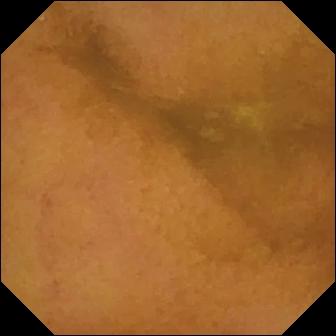modality: WCE; observation: normal clean mucosa